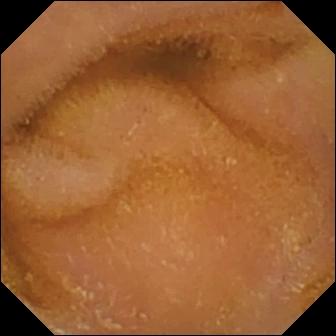- modality: capsule endoscopy
- category: luminal finding
- impression: normal clean mucosa